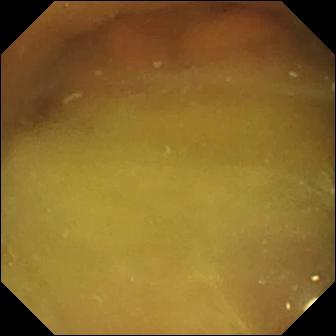Video capsule endoscopy image showing normal clean mucosa.